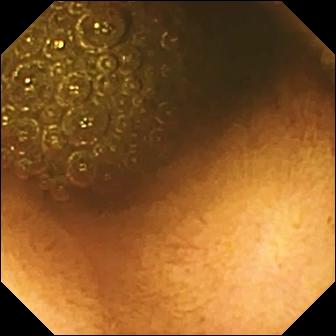Reduced mucosal view (content or bubbles obscuring the mucosa) — VCE view of the small bowel.